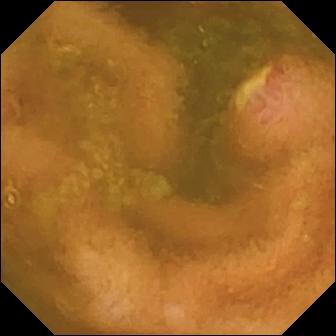Ulcer.